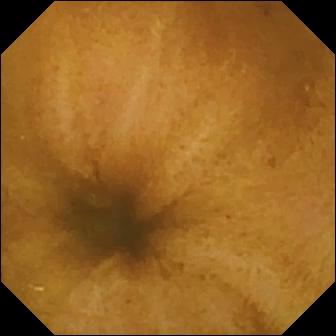PROCEDURE: Small-bowel capsule endoscopy.
SEGMENT: Small intestine.
FINDINGS: Normal clean mucosa.